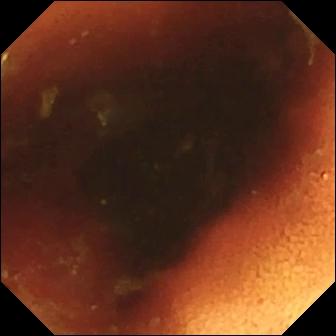Wireless capsule endoscopy image. Taken in the ileo-cecal valve region (the transition from the small bowel to the large bowel).